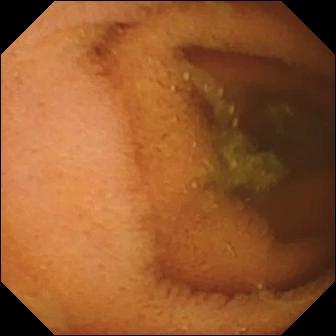Q: What does this capsule endoscopy snapshot show?
A: Normal clean mucosa.